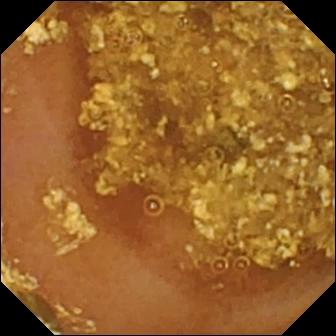PROCEDURE: Capsule endoscopy.
FINDINGS: Reduced mucosal view (content or bubbles obscuring the mucosa).